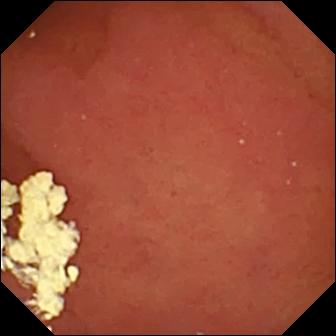PROCEDURE: Wireless capsule endoscopy.
LOCATION: Pylorus region.